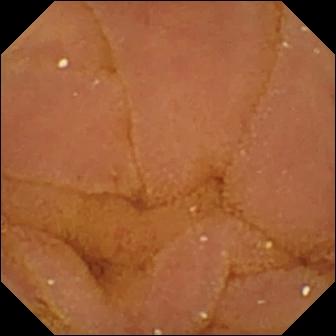This small-bowel capsule endoscopy view of the small intestine shows normal clean mucosa.